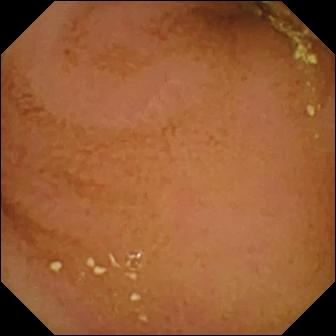Normal clean mucosa.